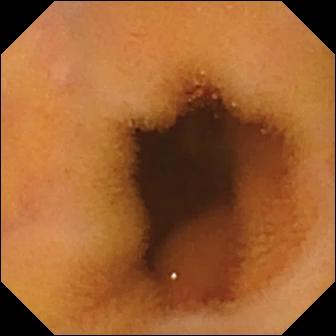Normal clean mucosa.